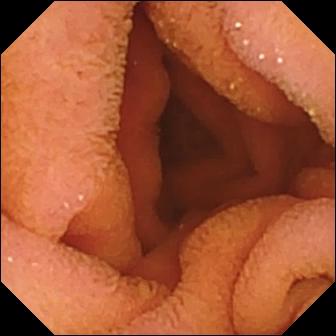VCE. Small intestine. Luminal finding. Label: normal clean mucosa.